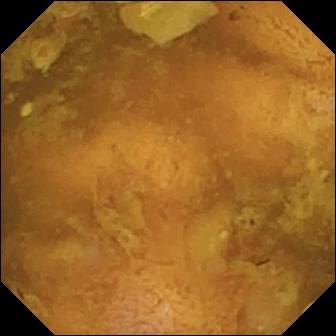{"modality": "video capsule endoscopy", "finding": "reduced mucosal view (content or bubbles obscuring the mucosa)"}